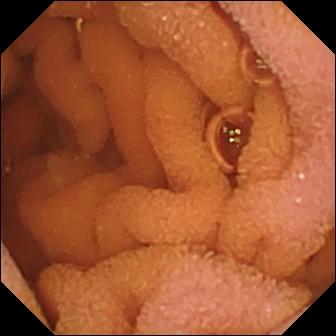Q: What does this video capsule endoscopy frame show?
A: Normal clean mucosa.